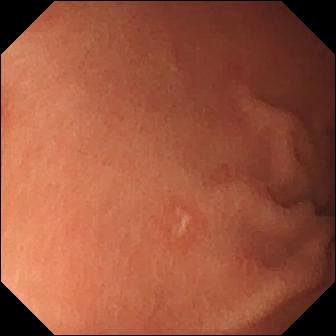VCE image, 336×336. Erosion.